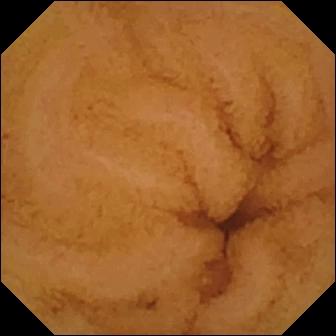Video capsule endoscopy frame (small intestine). Normal clean mucosa.